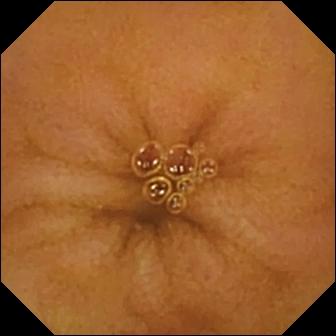Capsule endoscopy snapshot
Observation: normal clean mucosa